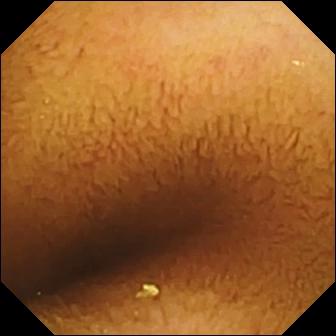modality: small-bowel capsule endoscopy
category: luminal finding
observation: normal clean mucosa